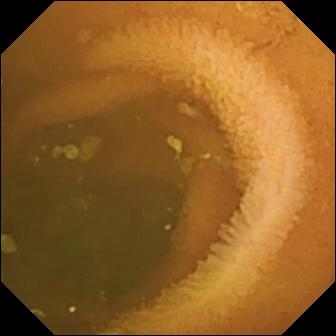WCE image, small intestine
Observation: normal clean mucosa